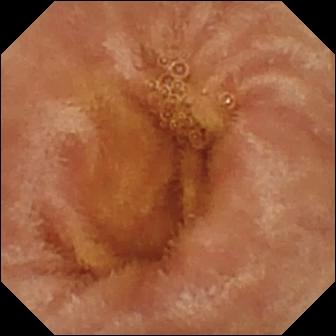Normal clean mucosa.